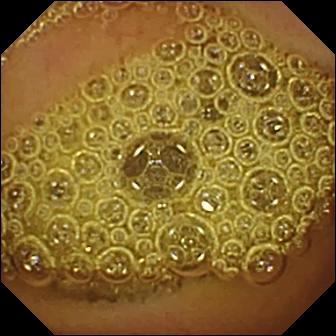Normal clean mucosa — capsule endoscopy frame of the small intestine.